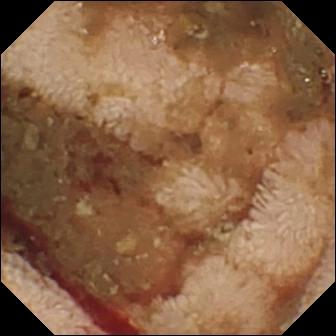This small-bowel capsule endoscopy image shows fresh blood in the lumen.